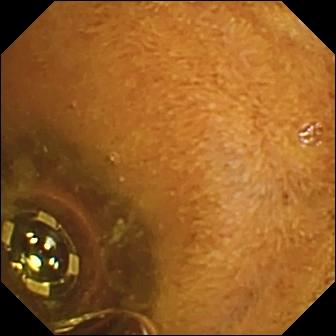PROCEDURE: Wireless capsule endoscopy.
FINDINGS: Foreign body (e.g. retained capsule, tablet residue).